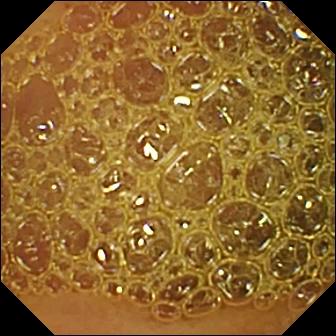WCE view of the small intestine showing reduced mucosal view (content or bubbles obscuring the mucosa).